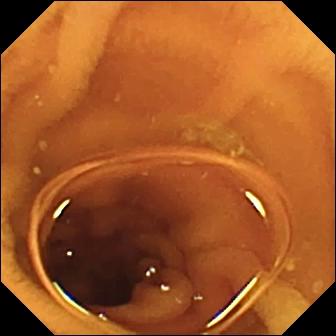Q: What does this video capsule endoscopy snapshot show?
A: Normal clean mucosa.